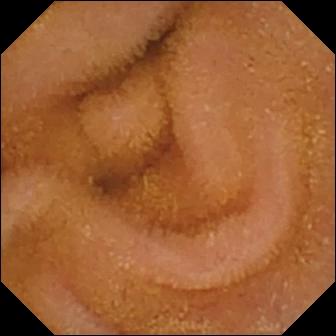This VCE view shows normal clean mucosa.